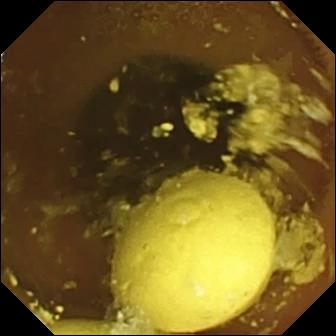Wireless capsule endoscopy view showing foreign body (e.g. retained capsule, tablet residue).